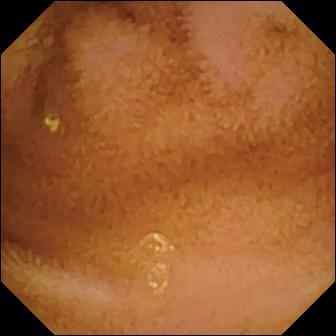Q: What does this small-bowel capsule endoscopy snapshot of the small intestine show?
A: Normal clean mucosa.